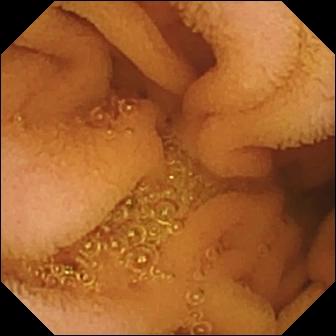Video capsule endoscopy snapshot showing normal clean mucosa.